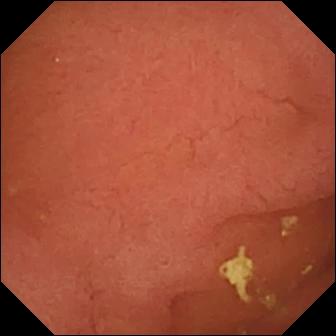PROCEDURE: Small-bowel capsule endoscopy.
LABEL: Pylorus region (the junction between the stomach and the small bowel).